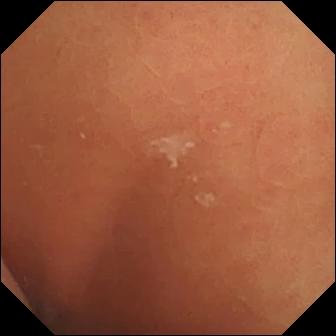Capsule endoscopy — normal clean mucosa.